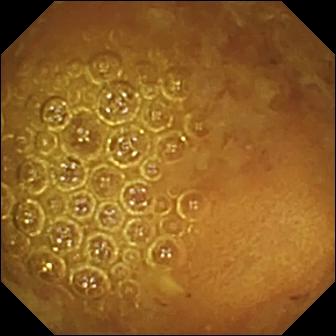PROCEDURE: VCE.
FINDINGS: Reduced mucosal view (content or bubbles obscuring the mucosa).